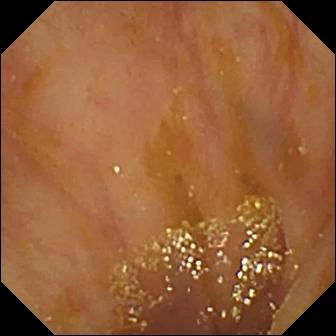Ileo-cecal valve region (the transition from the small bowel to the large bowel) — WCE frame.